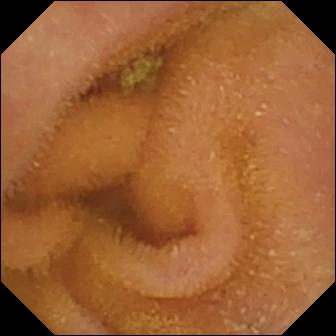Normal clean mucosa — capsule endoscopy frame of the small bowel.